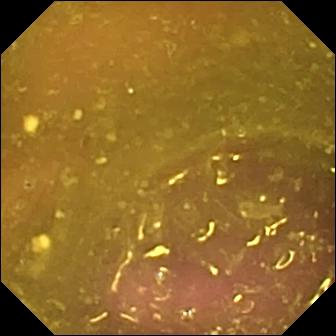Small-bowel capsule endoscopy — reduced mucosal view (content or bubbles obscuring the mucosa).